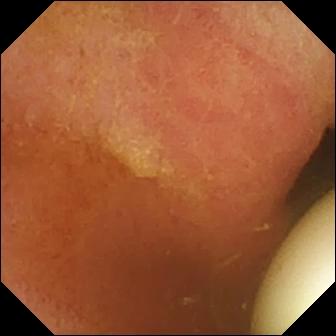Capsule endoscopy view, 336×336. Foreign body (e.g. retained capsule, tablet residue).